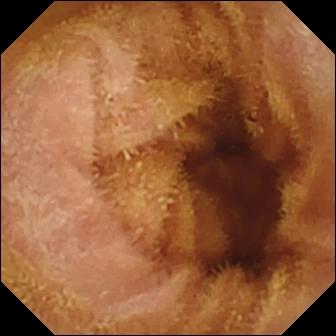This capsule endoscopy frame of the small bowel shows normal clean mucosa.